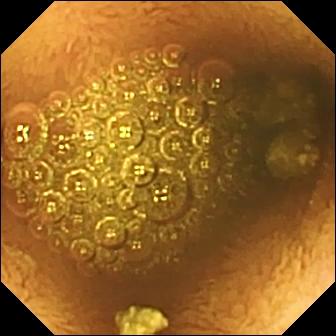WCE. Small bowel. Impression: reduced mucosal view (content or bubbles obscuring the mucosa).